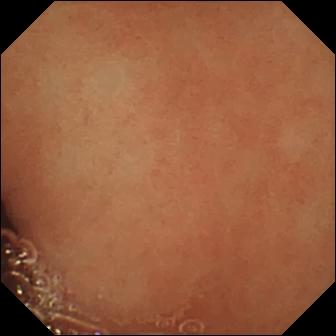{"modality": "small-bowel capsule endoscopy", "finding": "normal clean mucosa"}